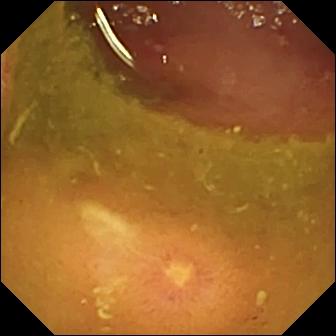This wireless capsule endoscopy snapshot shows ulcer.